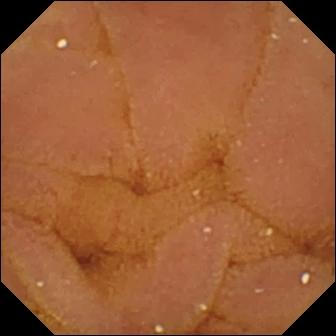Wireless capsule endoscopy — normal clean mucosa.